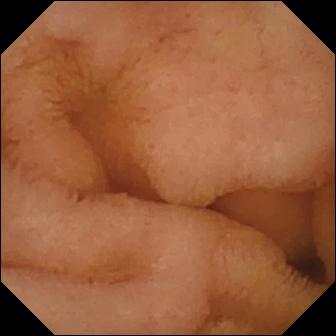Small-bowel capsule endoscopy — normal clean mucosa.